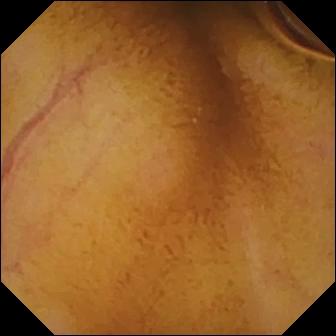This VCE snapshot shows normal clean mucosa.